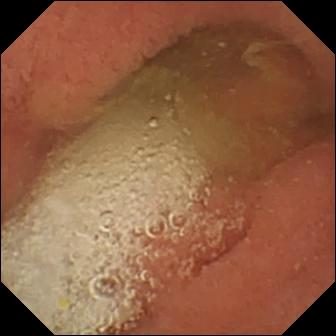modality: wireless capsule endoscopy
location: pylorus region